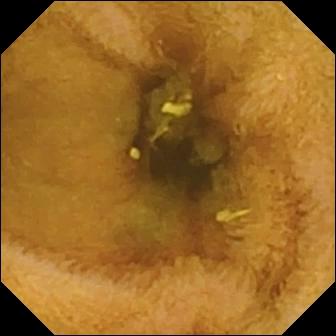VCE snapshot, small intestine
Finding: normal clean mucosa